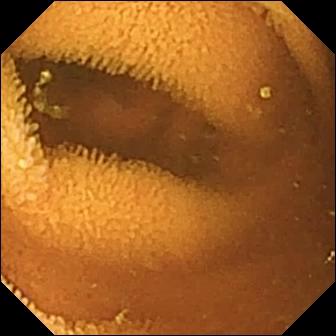Normal clean mucosa — wireless capsule endoscopy frame.